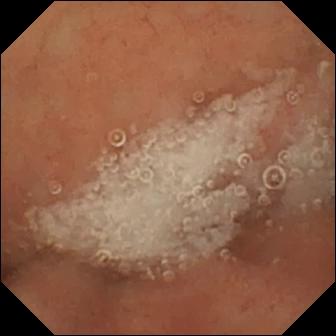PROCEDURE: Small-bowel capsule endoscopy.
SEGMENT: Small intestine.
FINDINGS: Normal clean mucosa.